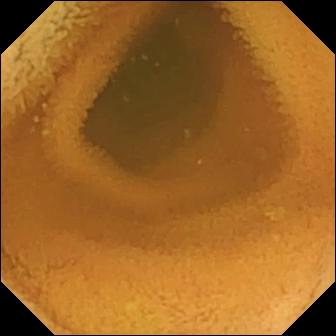VCE still
Observation: normal clean mucosa